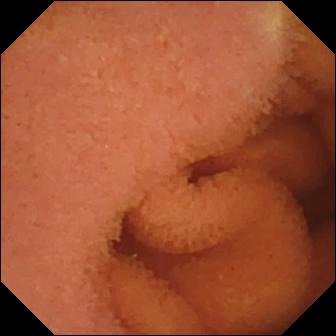Small-bowel capsule endoscopy frame of the small bowel showing normal clean mucosa.